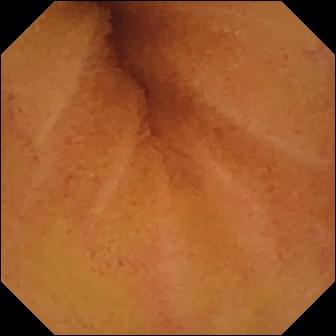PROCEDURE: Video capsule endoscopy.
FINDINGS: Normal clean mucosa.